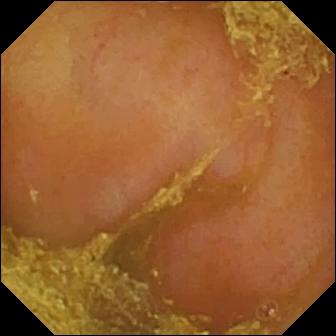Video capsule endoscopy view
Finding: reduced mucosal view (content or bubbles obscuring the mucosa)